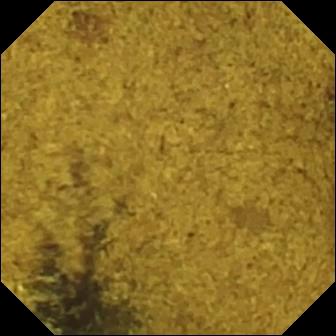This small-bowel capsule endoscopy frame was taken in the ileo-cecal valve region (the transition from the small bowel to the large bowel).